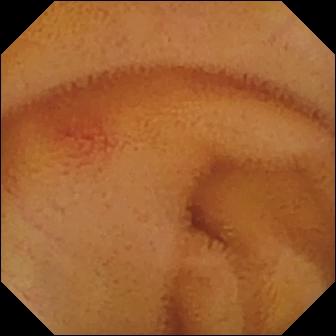{"modality": "small-bowel capsule endoscopy", "finding": "angiectasia"}